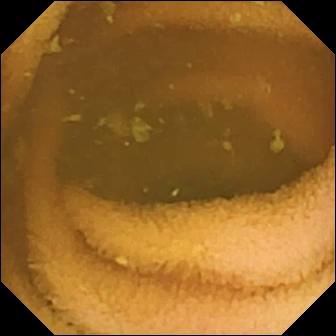Small-bowel capsule endoscopy frame. Normal clean mucosa.